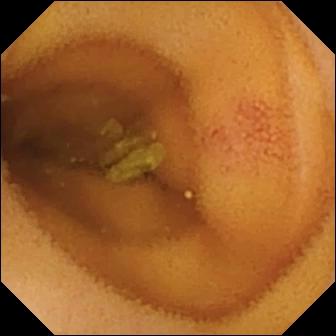Q: What does this VCE image show?
A: Angiectasia.